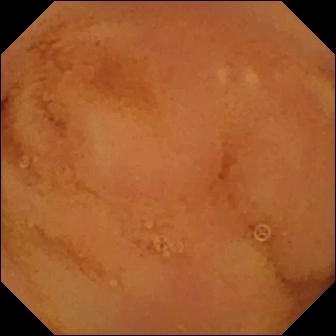Q: What does this VCE still of the small intestine show?
A: Normal clean mucosa.